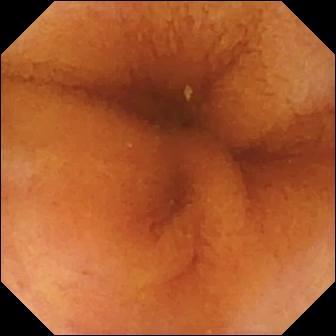VCE image, small intestine
Impression: normal clean mucosa